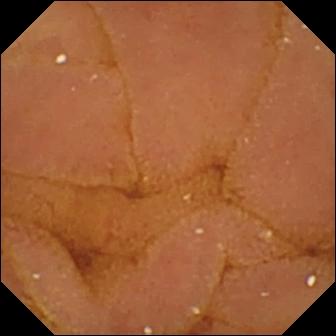Capsule endoscopy view showing normal clean mucosa.